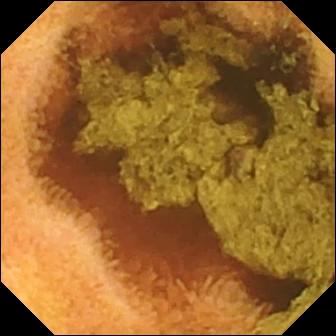Video capsule endoscopy. Luminal finding. Observation: normal clean mucosa.